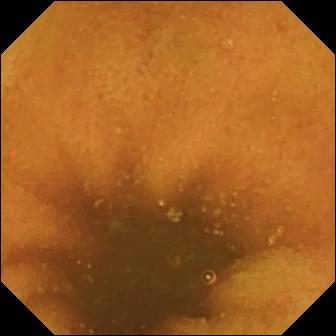Small-bowel capsule endoscopy. Small bowel. Observation: normal clean mucosa.